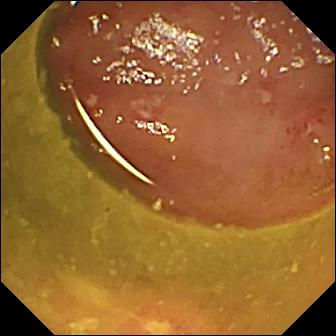Wireless capsule endoscopy — ulcer.